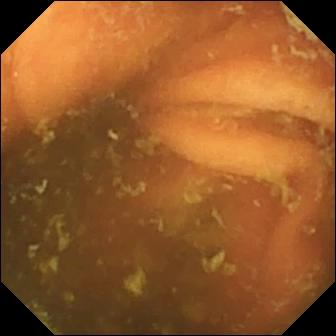modality: video capsule endoscopy | label: ileo-cecal valve region